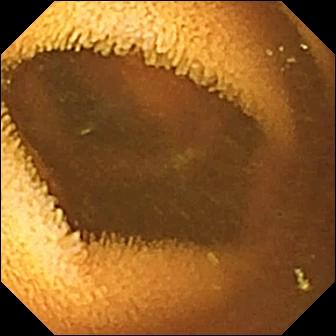Video capsule endoscopy — normal clean mucosa.